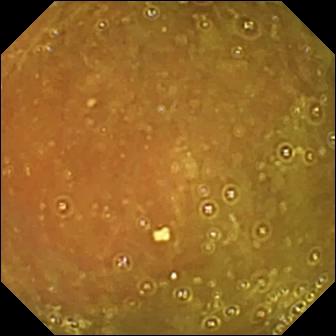PROCEDURE: Small-bowel capsule endoscopy.
LABEL: Ileo-cecal valve region (the transition from the small bowel to the large bowel).